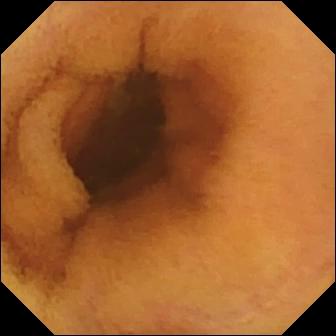- modality: video capsule endoscopy
- label: normal clean mucosa